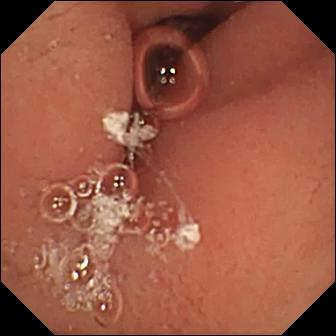Capsule endoscopy still
Video segment: pylorus region